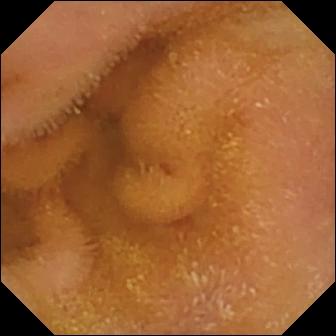{"modality": "capsule endoscopy", "category": "luminal finding", "finding": "normal clean mucosa"}